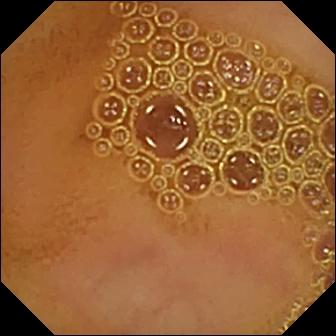- modality: wireless capsule endoscopy
- observation: normal clean mucosa